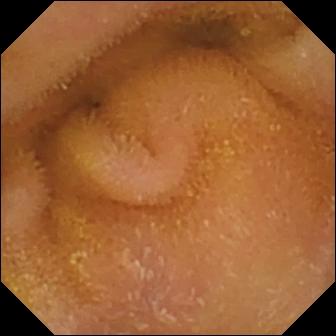PROCEDURE: Wireless capsule endoscopy.
SEGMENT: Small intestine.
FINDINGS: Normal clean mucosa.